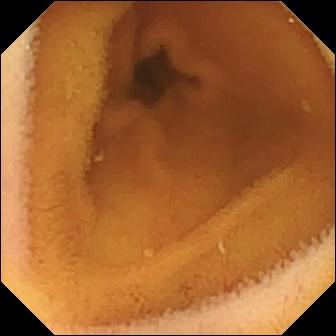Normal clean mucosa.